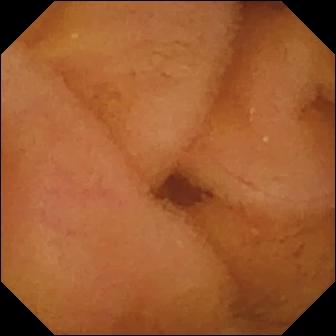modality: video capsule endoscopy
segment: small bowel
label: normal clean mucosa